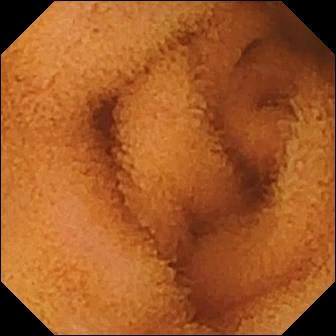PROCEDURE: VCE.
SEGMENT: Small bowel.
FINDINGS: Normal clean mucosa.